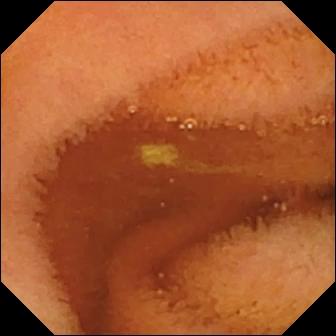Q: What does this capsule endoscopy frame show?
A: Normal clean mucosa.